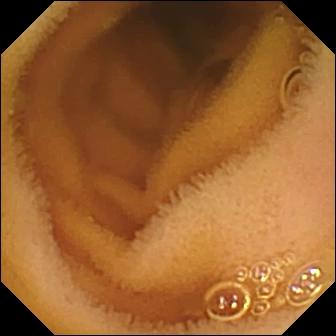Q: What does this capsule endoscopy view show?
A: Normal clean mucosa.